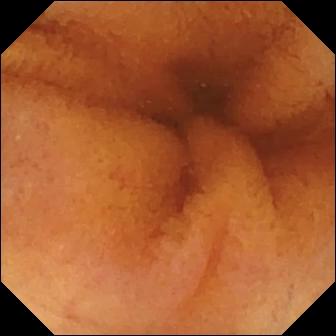This capsule endoscopy snapshot of the small intestine shows normal clean mucosa.